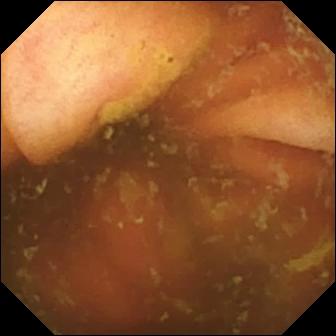Wireless capsule endoscopy. Label: ileo-cecal valve region (the transition from the small bowel to the large bowel).